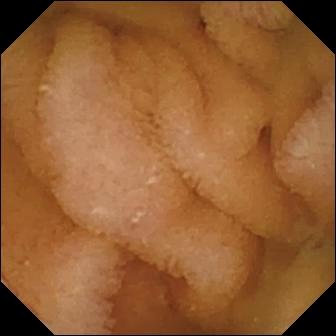modality: capsule endoscopy; finding: normal clean mucosa